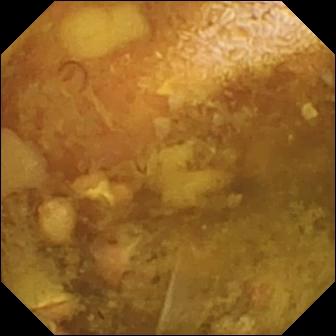Reduced mucosal view (content or bubbles obscuring the mucosa).